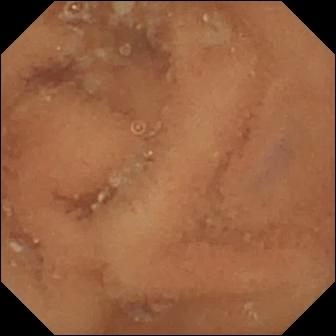Normal clean mucosa — video capsule endoscopy image.